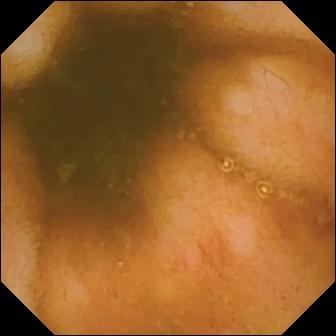Video capsule endoscopy — ileo-cecal valve region (the transition from the small bowel to the large bowel).